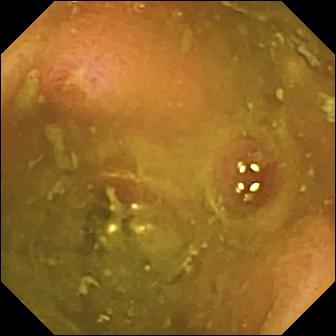Video capsule endoscopy view
Finding: ulcer